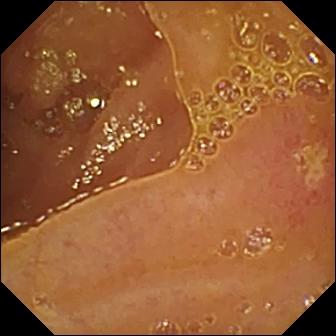- modality: WCE
- impression: ulcer